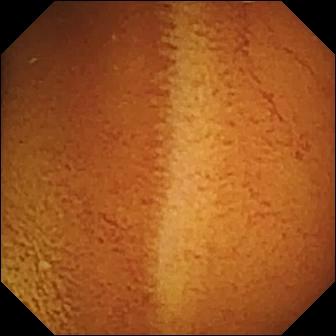modality: WCE; impression: normal clean mucosa